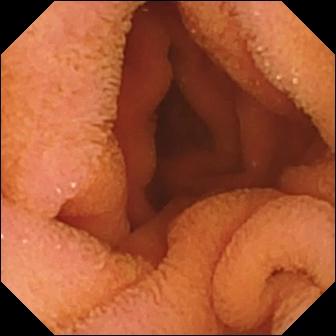- modality: small-bowel capsule endoscopy
- impression: normal clean mucosa